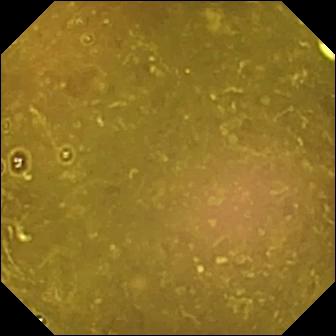- modality: VCE
- segment: small bowel
- category: luminal finding
- impression: reduced mucosal view (content or bubbles obscuring the mucosa)